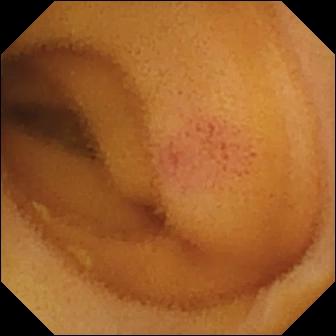This video capsule endoscopy view shows angiectasia.